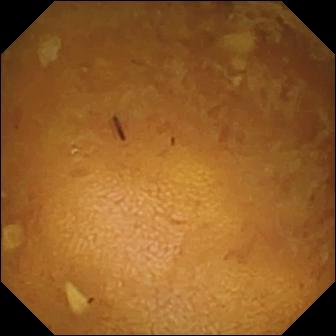Capsule endoscopy view of the small bowel showing reduced mucosal view (content or bubbles obscuring the mucosa).